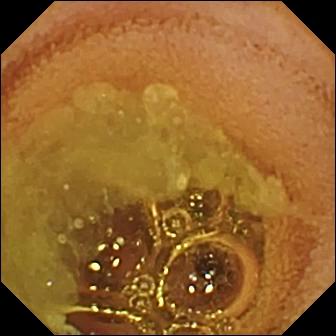Normal clean mucosa.